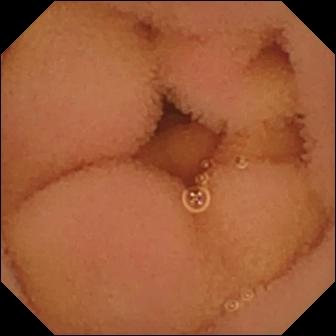Normal clean mucosa — VCE frame of the small intestine.